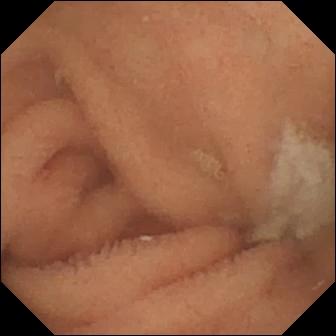Video capsule endoscopy frame of the small intestine showing normal clean mucosa.